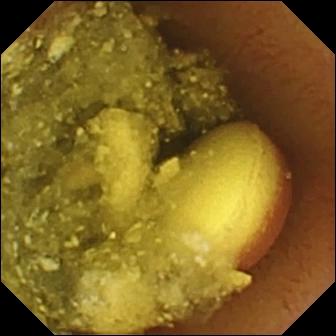{"modality": "small-bowel capsule endoscopy", "finding": "foreign body (e.g. retained capsule, tablet residue)"}